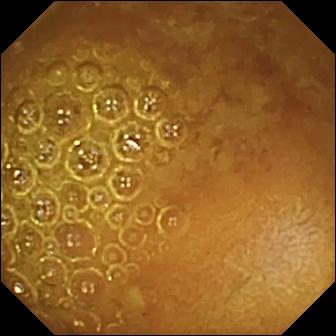- modality: wireless capsule endoscopy
- segment: small bowel
- finding: reduced mucosal view (content or bubbles obscuring the mucosa)